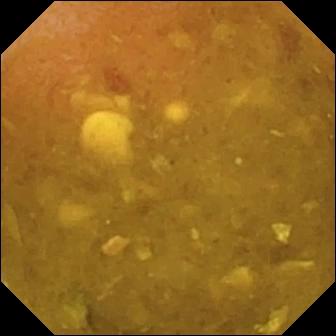WCE — reduced mucosal view (content or bubbles obscuring the mucosa).